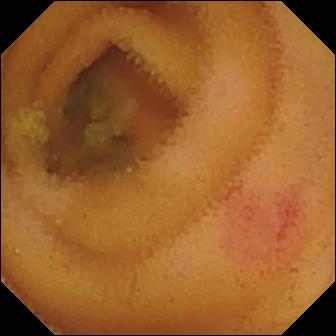Angiectasia.